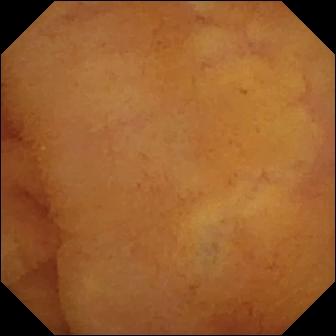Video capsule endoscopy. Small bowel. Impression: normal clean mucosa.